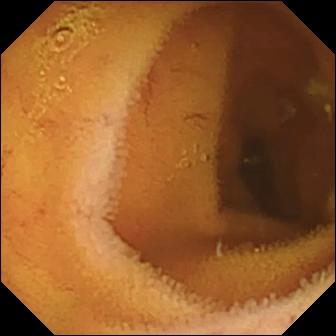Small-bowel capsule endoscopy still of the small intestine showing normal clean mucosa.